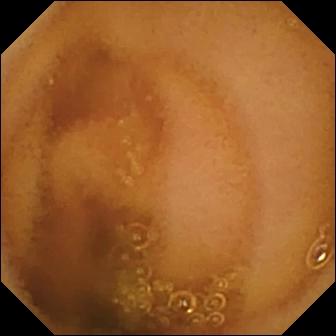Video capsule endoscopy frame. Normal clean mucosa.